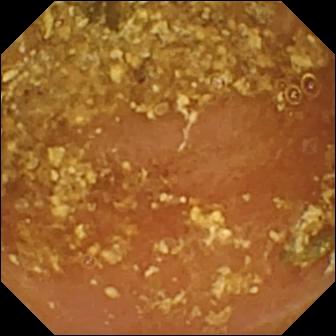Capsule endoscopy view. Reduced mucosal view (content or bubbles obscuring the mucosa).